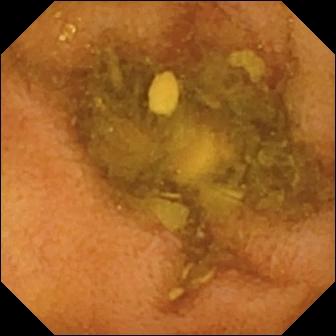Small-bowel capsule endoscopy still
Finding: normal clean mucosa